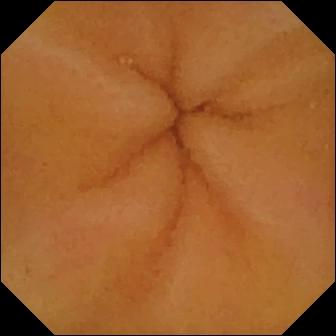PROCEDURE: WCE.
FINDINGS: Normal clean mucosa.